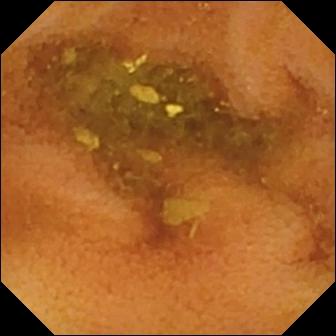Capsule endoscopy image (small intestine). Normal clean mucosa.